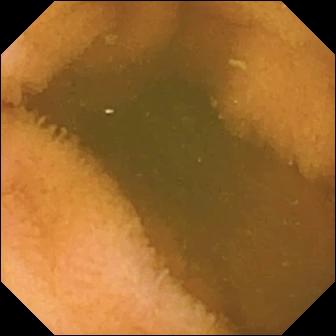WCE still (small bowel). Normal clean mucosa.